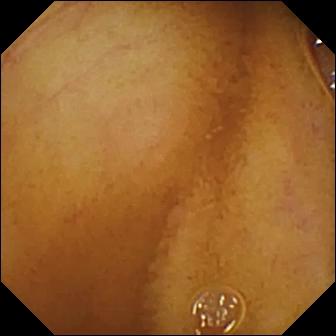- modality: small-bowel capsule endoscopy
- category: luminal finding
- impression: normal clean mucosa